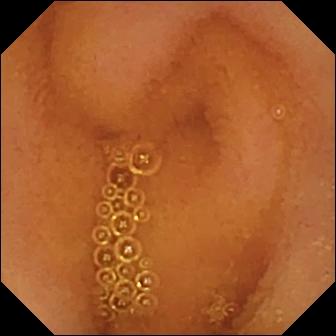This video capsule endoscopy frame of the small intestine shows normal clean mucosa.